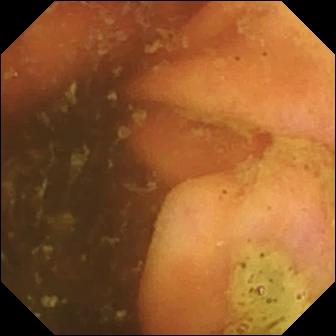VCE — ileo-cecal valve region.